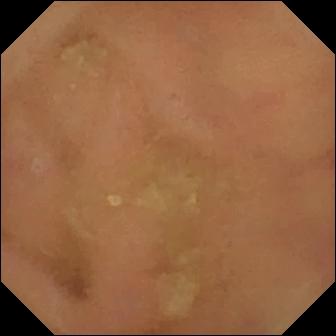Wireless capsule endoscopy snapshot showing normal clean mucosa.